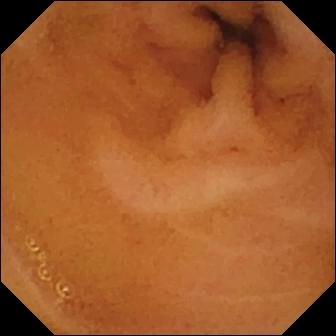{"modality": "video capsule endoscopy", "finding": "normal clean mucosa"}